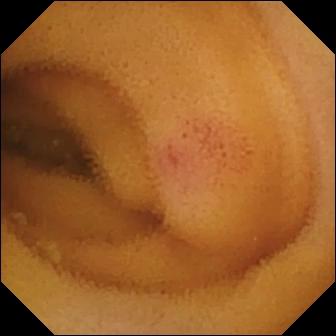Small-bowel capsule endoscopy view. Angiectasia.